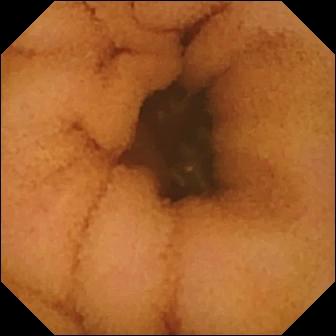WCE snapshot
Observation: normal clean mucosa